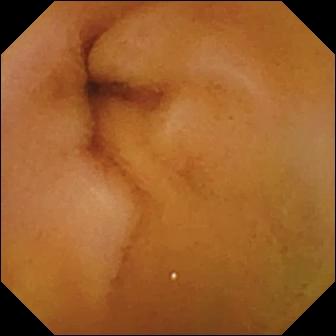Normal clean mucosa — WCE image.